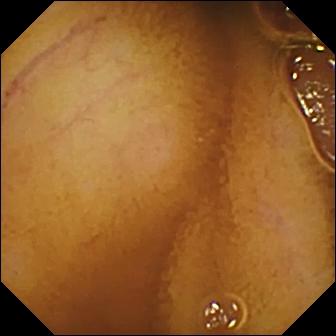Q: What does this WCE still of the small bowel show?
A: Normal clean mucosa.